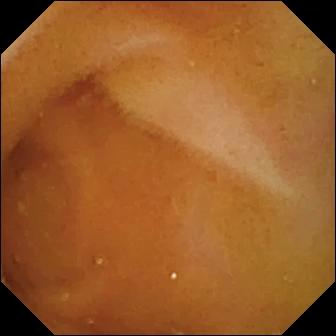Wireless capsule endoscopy image of the small bowel showing normal clean mucosa.